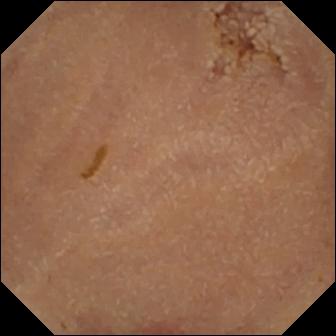{"modality": "video capsule endoscopy", "category": "luminal finding", "finding": "normal clean mucosa"}